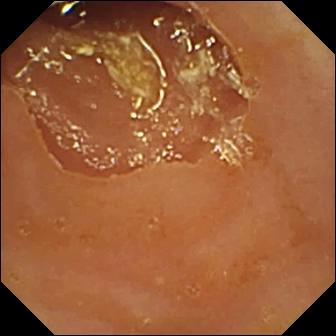Video capsule endoscopy. Small intestine. Luminal finding. Impression: reduced mucosal view (content or bubbles obscuring the mucosa).